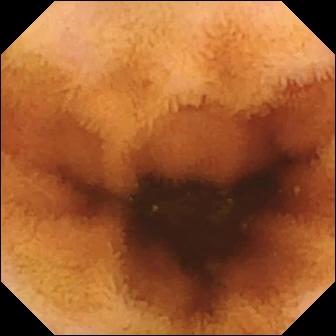Wireless capsule endoscopy frame
Finding: normal clean mucosa